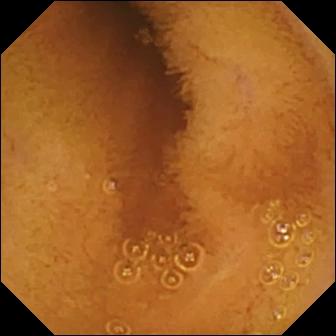modality: wireless capsule endoscopy
observation: normal clean mucosa